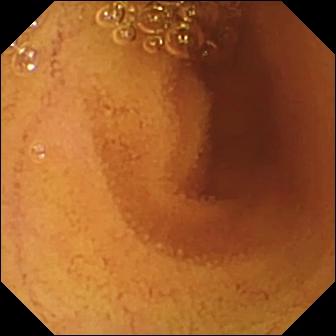Capsule endoscopy snapshot showing normal clean mucosa.